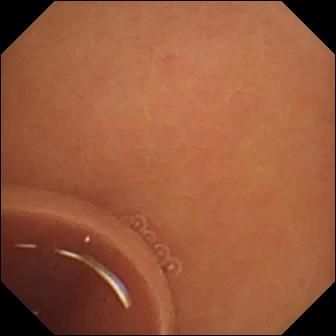Wireless capsule endoscopy — normal clean mucosa.